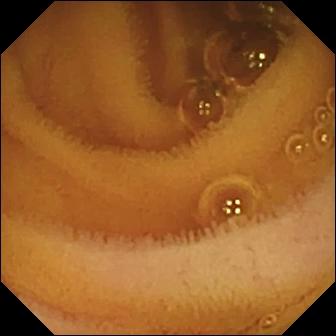Capsule endoscopy snapshot. Normal clean mucosa.